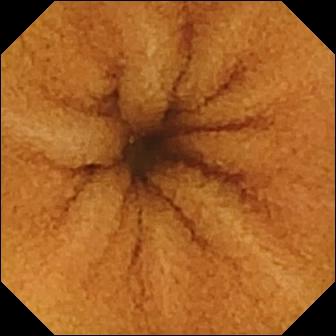VCE frame. Normal clean mucosa.